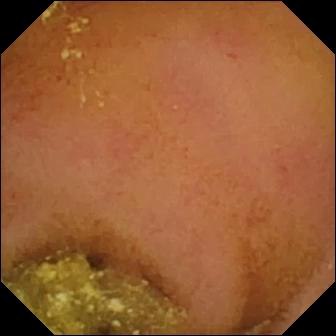modality: VCE | segment: small bowel | finding: normal clean mucosa